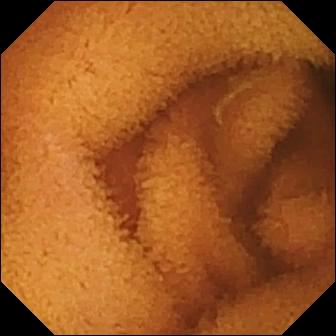Video capsule endoscopy frame
Finding: normal clean mucosa